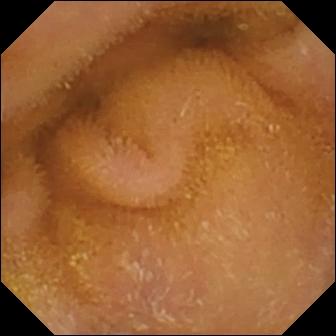Normal clean mucosa.